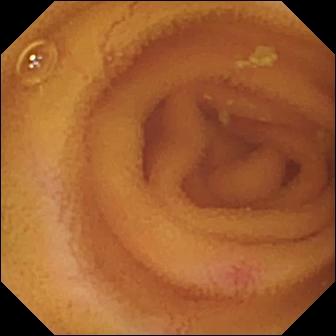Angiectasia (336×336).